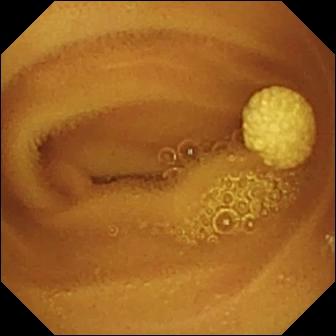PROCEDURE: Small-bowel capsule endoscopy.
FINDINGS: Lymphangiectasia.